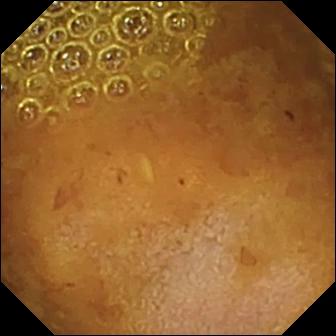Q: What does this WCE snapshot of the small intestine show?
A: Reduced mucosal view (content or bubbles obscuring the mucosa).